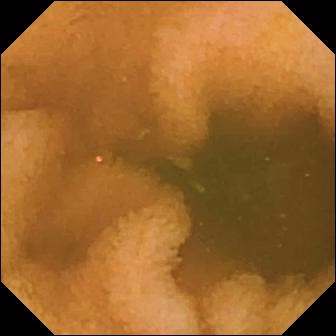Capsule endoscopy — normal clean mucosa.